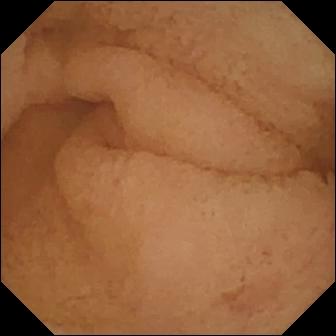{"modality": "small-bowel capsule endoscopy", "position": "pylorus region (the junction between the stomach and the small bowel)"}